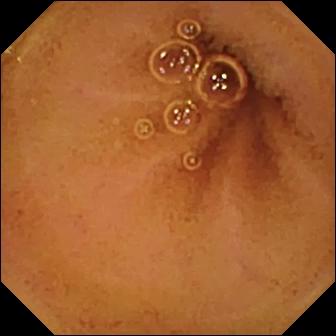Video capsule endoscopy image (small bowel). Normal clean mucosa.